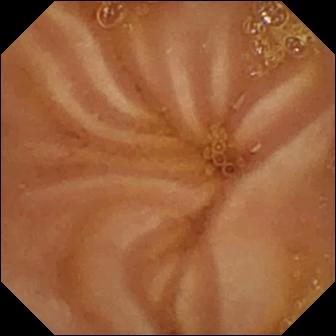Wireless capsule endoscopy frame showing normal clean mucosa.